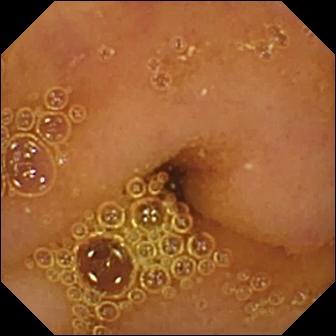This WCE view of the small intestine shows normal clean mucosa.